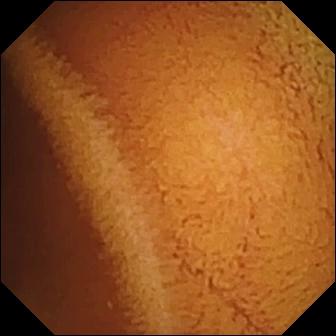Video capsule endoscopy still, small intestine
Impression: normal clean mucosa